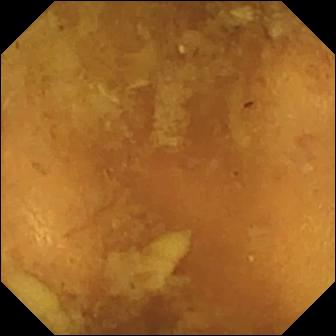modality: capsule endoscopy; label: reduced mucosal view (content or bubbles obscuring the mucosa)